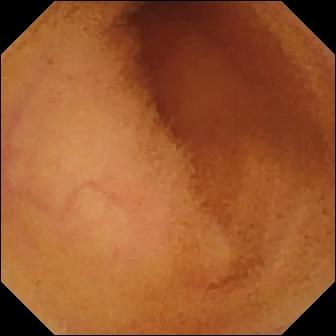This capsule endoscopy frame shows normal clean mucosa.